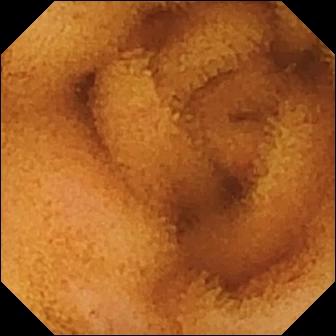Q: What does this video capsule endoscopy still of the small bowel show?
A: Normal clean mucosa.